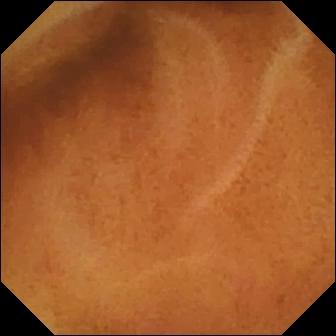Small-bowel capsule endoscopy — normal clean mucosa.